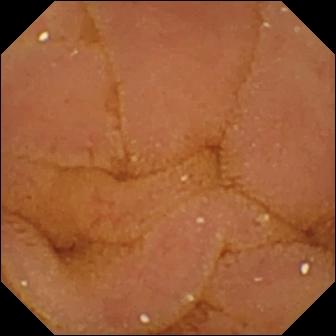Capsule endoscopy. Small intestine. Impression: normal clean mucosa.